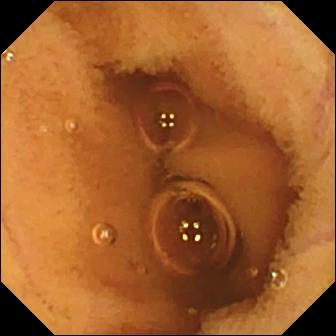Normal clean mucosa.